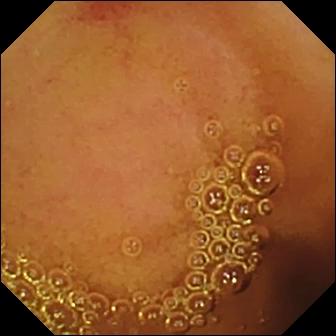{"modality": "small-bowel capsule endoscopy", "finding": "angiectasia"}